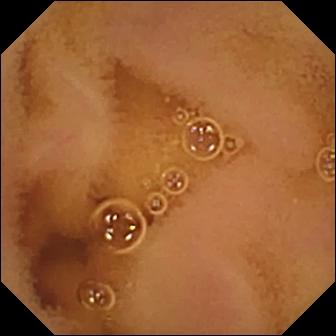Wireless capsule endoscopy view (small intestine). Normal clean mucosa.